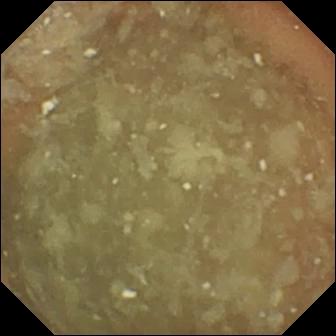This WCE snapshot shows normal clean mucosa.